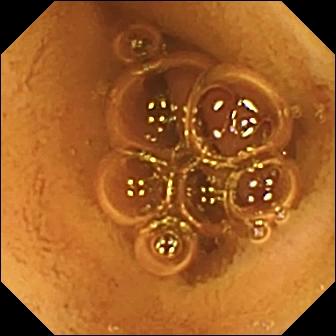Small-bowel capsule endoscopy. Observation: normal clean mucosa.